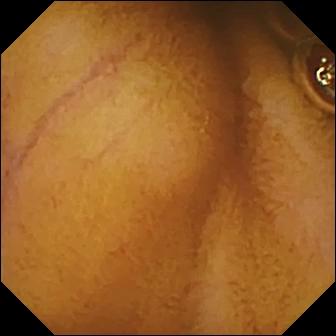This small-bowel capsule endoscopy snapshot shows normal clean mucosa.